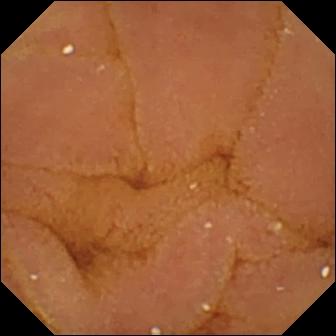Small-bowel capsule endoscopy still, small bowel
Observation: normal clean mucosa